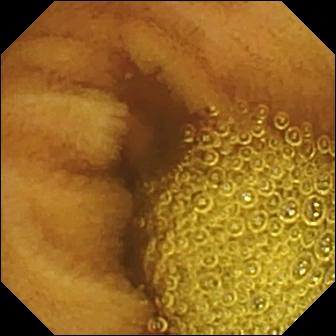Normal clean mucosa — video capsule endoscopy snapshot.